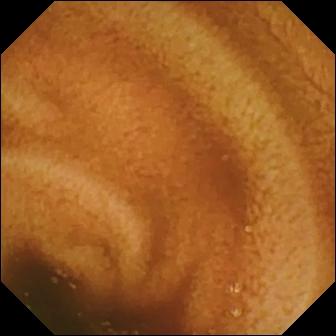modality: wireless capsule endoscopy
label: normal clean mucosa